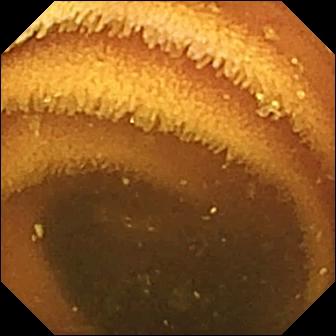- modality: video capsule endoscopy
- segment: small bowel
- impression: normal clean mucosa